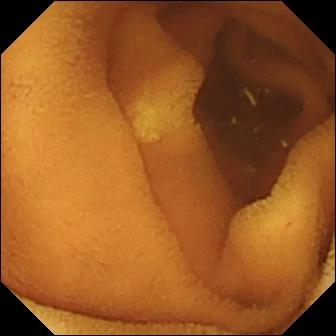- modality: small-bowel capsule endoscopy
- category: luminal finding
- observation: normal clean mucosa